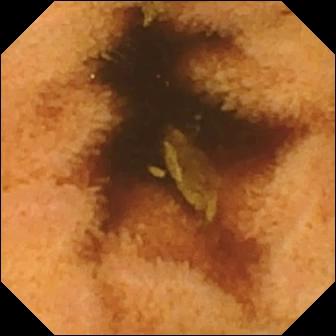Normal clean mucosa — capsule endoscopy still.